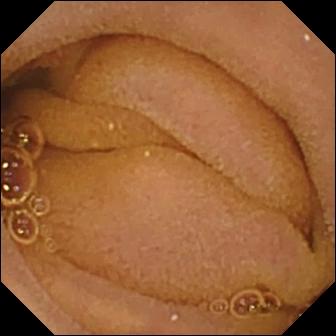Q: What does this capsule endoscopy image of the small bowel show?
A: Normal clean mucosa.